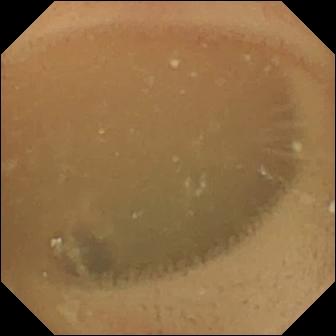Wireless capsule endoscopy — normal clean mucosa.